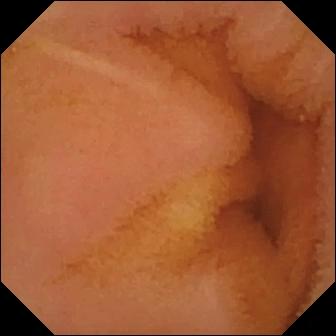{"modality": "capsule endoscopy", "finding": "normal clean mucosa"}